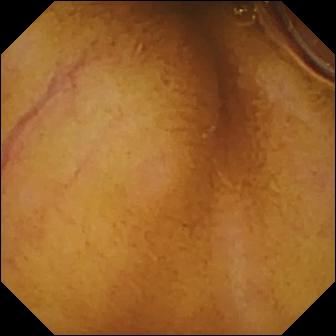Normal clean mucosa.